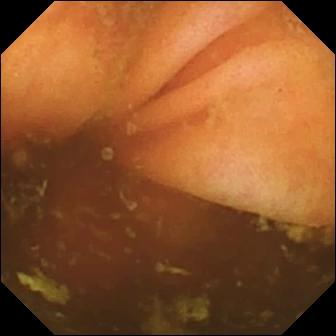VCE image. Taken in the ileo-cecal valve region.